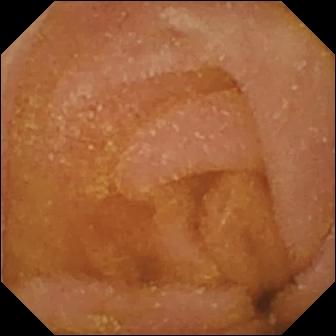WCE snapshot of the small bowel showing normal clean mucosa.